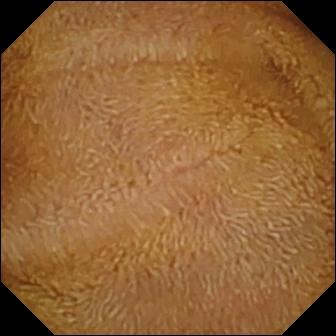Small-bowel capsule endoscopy — normal clean mucosa.